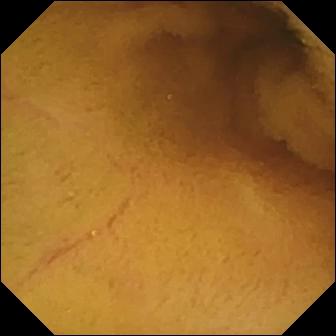- modality: capsule endoscopy
- segment: small bowel
- label: normal clean mucosa